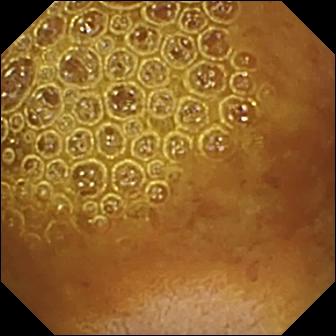modality: WCE
label: reduced mucosal view (content or bubbles obscuring the mucosa)